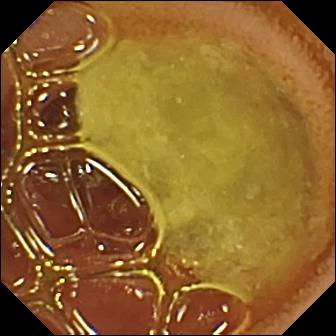Q: What does this video capsule endoscopy snapshot of the small intestine show?
A: Normal clean mucosa.